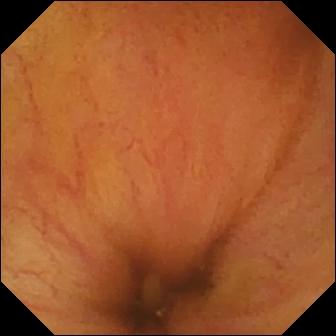{"modality": "VCE", "label": "ileo-cecal valve region (the transition from the small bowel to the large bowel)"}